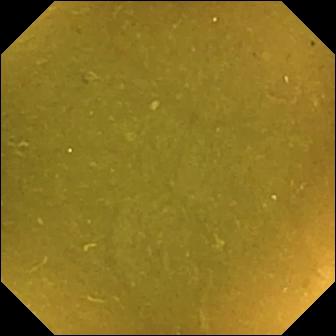Wireless capsule endoscopy — ileo-cecal valve region (the transition from the small bowel to the large bowel).